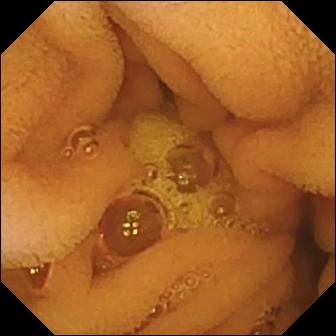Capsule endoscopy image. Normal clean mucosa.